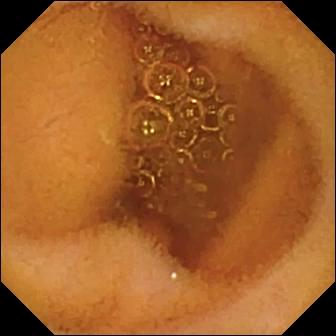- modality: capsule endoscopy
- category: luminal finding
- impression: normal clean mucosa